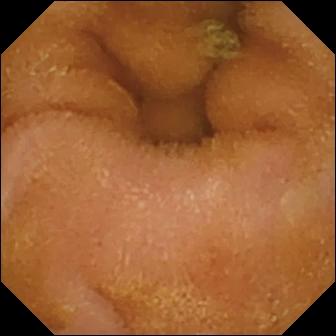VCE view of the small bowel showing normal clean mucosa.